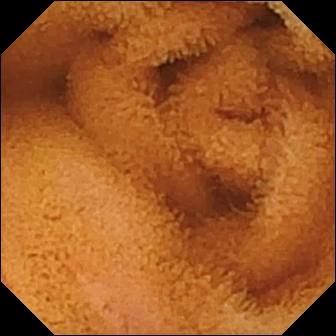Q: What does this capsule endoscopy view of the small bowel show?
A: Normal clean mucosa.